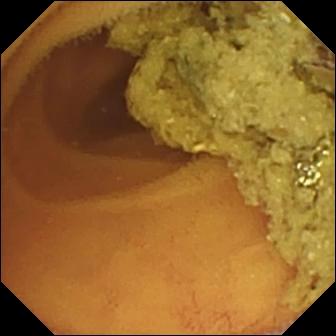This video capsule endoscopy snapshot shows normal clean mucosa.